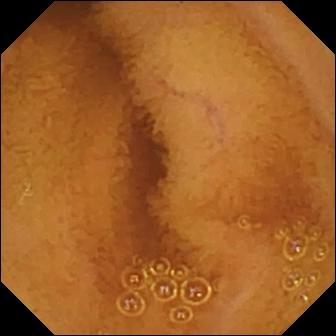Video capsule endoscopy image of the small bowel showing normal clean mucosa.